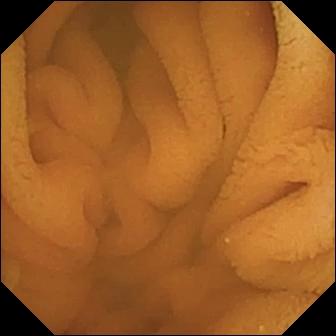Normal clean mucosa — wireless capsule endoscopy frame.